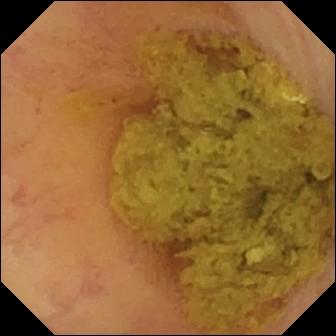Ileo-cecal valve region — capsule endoscopy still.